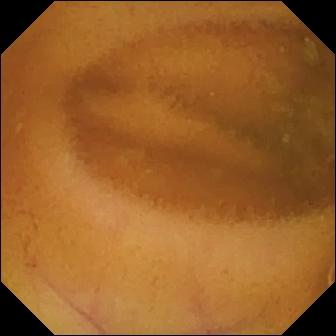PROCEDURE: VCE.
SEGMENT: Small intestine.
FINDINGS: Normal clean mucosa.